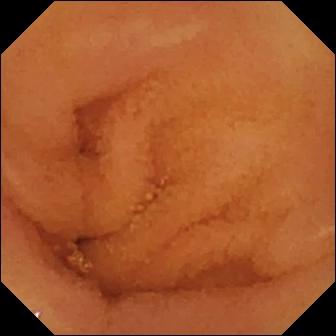Video capsule endoscopy still
Finding: normal clean mucosa